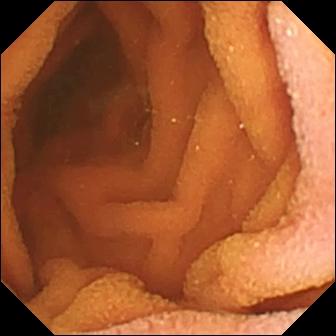{"modality": "capsule endoscopy", "finding": "normal clean mucosa"}